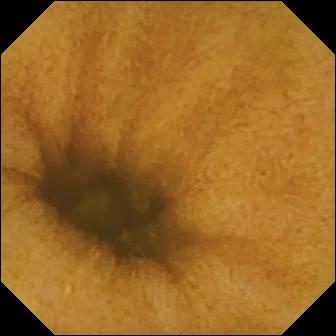Video capsule endoscopy. Label: normal clean mucosa.